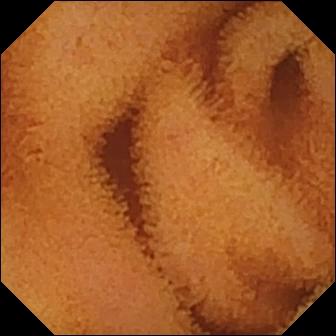Q: What does this video capsule endoscopy image show?
A: Normal clean mucosa.